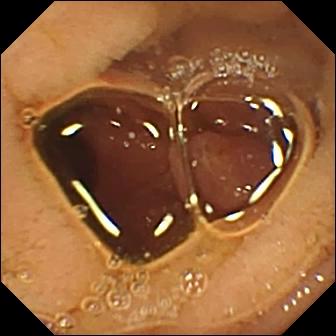{"modality": "VCE", "location": "pylorus region (where the capsule passes from the stomach into the small bowel)"}